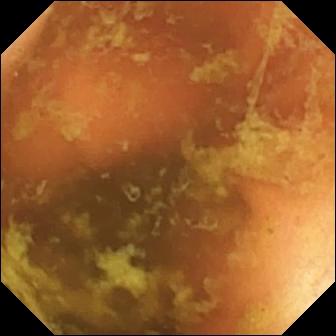Ileo-cecal valve region (where the capsule passes from the small bowel into the large bowel).